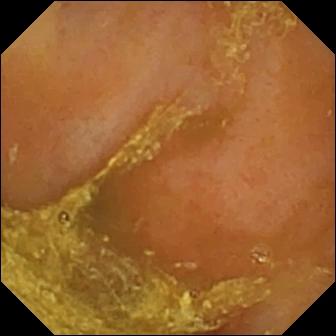modality: WCE; label: reduced mucosal view (content or bubbles obscuring the mucosa)